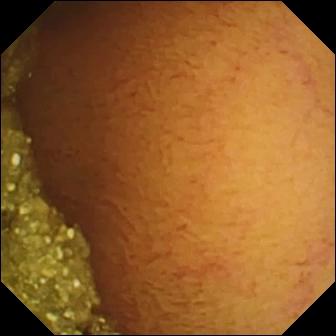PROCEDURE: Wireless capsule endoscopy.
SEGMENT: Small bowel.
FINDINGS: Normal clean mucosa.